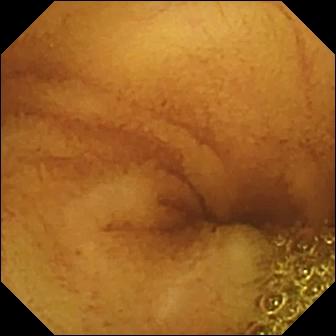- modality: WCE
- label: normal clean mucosa